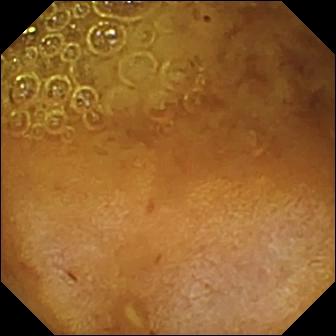- modality: video capsule endoscopy
- finding: reduced mucosal view (content or bubbles obscuring the mucosa)